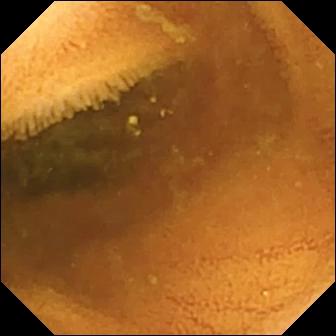Normal clean mucosa — video capsule endoscopy view of the small bowel.